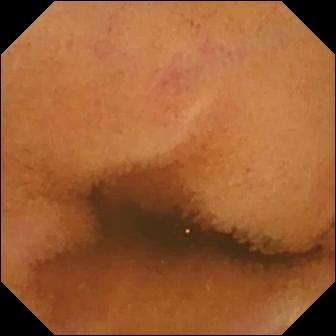WCE — normal clean mucosa.